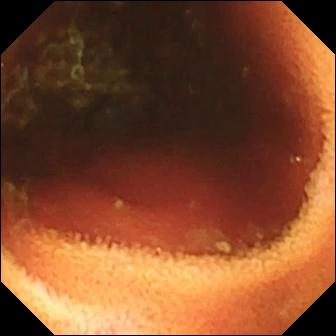{"modality": "small-bowel capsule endoscopy", "label": "ileo-cecal valve region (the transition from the small bowel to the large bowel)"}